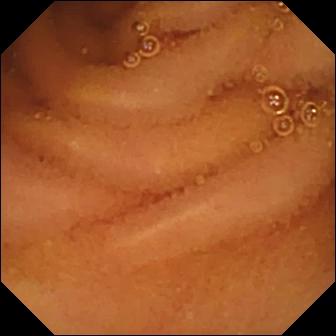{"modality": "small-bowel capsule endoscopy", "category": "luminal finding", "finding": "normal clean mucosa"}